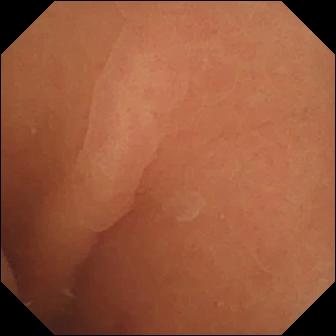Normal clean mucosa — wireless capsule endoscopy image.